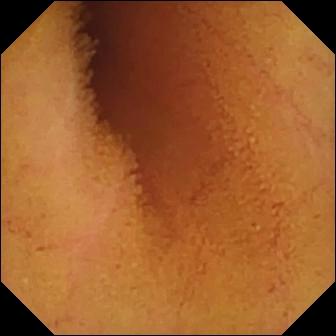Video capsule endoscopy — normal clean mucosa.